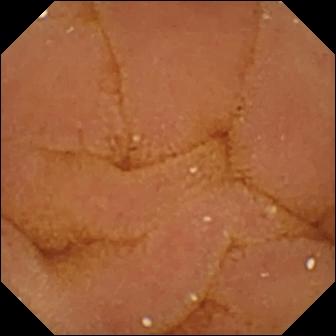Q: What does this video capsule endoscopy image of the small intestine show?
A: Normal clean mucosa.